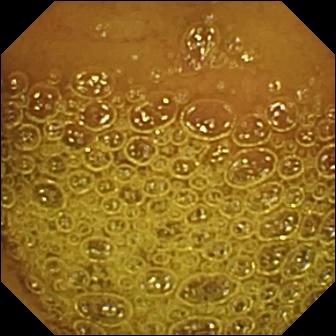Normal clean mucosa.